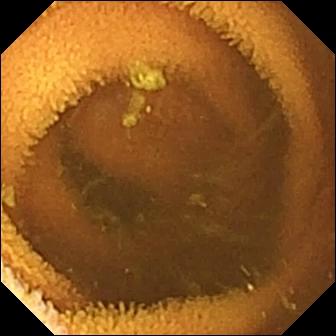Wireless capsule endoscopy. Label: normal clean mucosa.